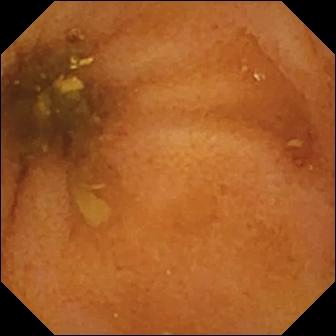Normal clean mucosa — VCE still.